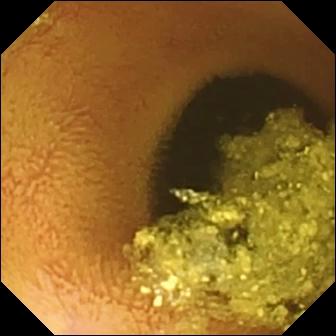WCE. Small intestine. Finding: normal clean mucosa.